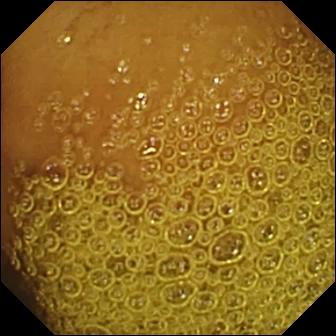Normal clean mucosa — wireless capsule endoscopy view.